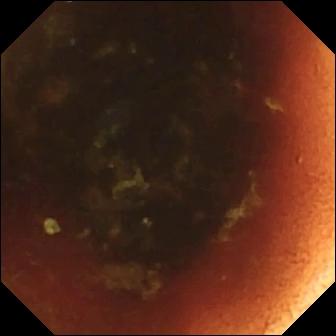WCE still
Label: ileo-cecal valve region